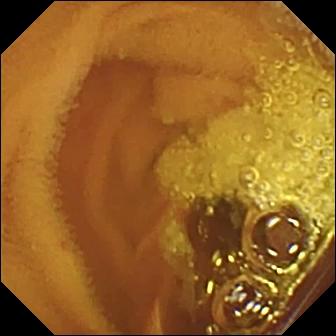Wireless capsule endoscopy. Impression: normal clean mucosa.